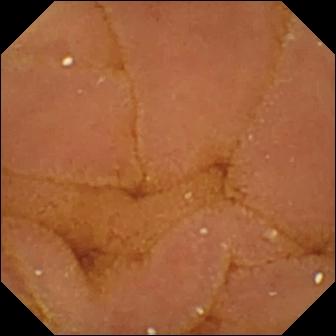VCE — normal clean mucosa.